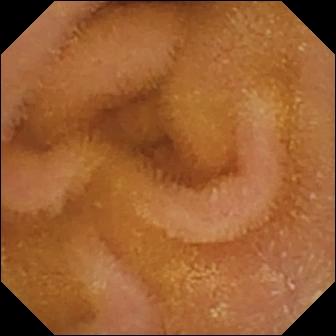Q: What does this small-bowel capsule endoscopy still show?
A: Normal clean mucosa.